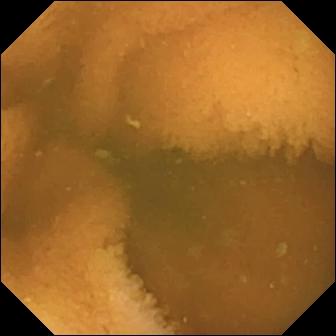Q: What does this capsule endoscopy still of the small intestine show?
A: Normal clean mucosa.